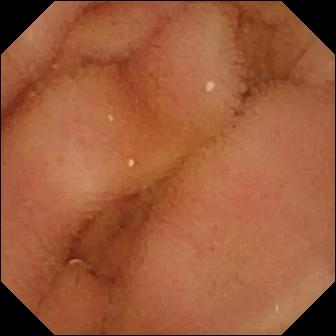VCE image, small intestine
Impression: normal clean mucosa